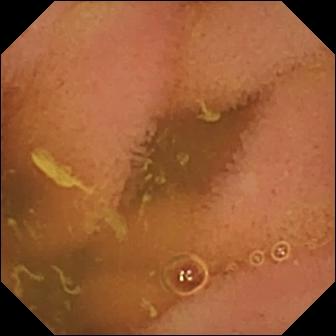VCE view showing normal clean mucosa.